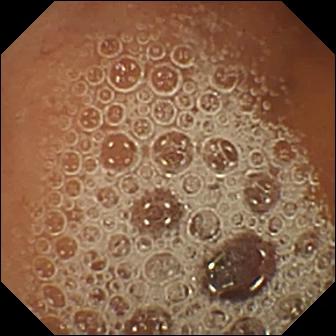VCE. Label: normal clean mucosa.